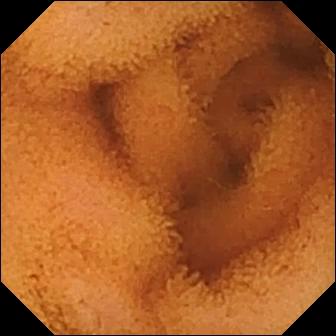Normal clean mucosa — VCE frame.